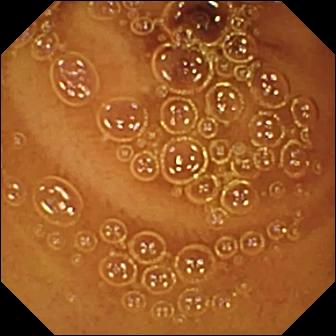This capsule endoscopy view shows normal clean mucosa.